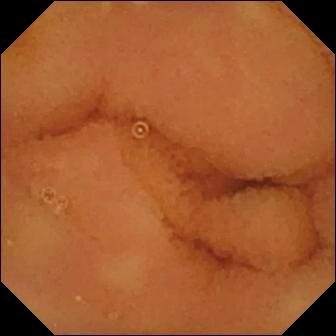- modality: small-bowel capsule endoscopy
- finding: normal clean mucosa